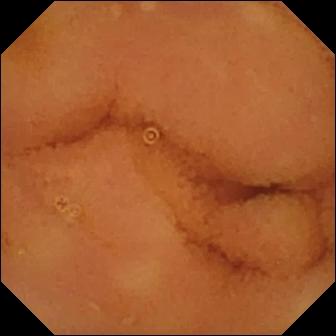PROCEDURE: VCE.
SEGMENT: Small intestine.
FINDINGS: Normal clean mucosa.